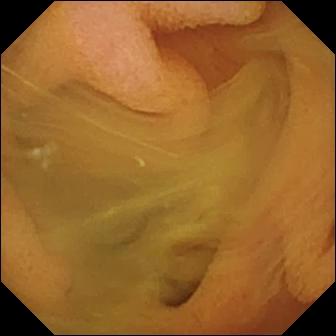VCE — normal clean mucosa.